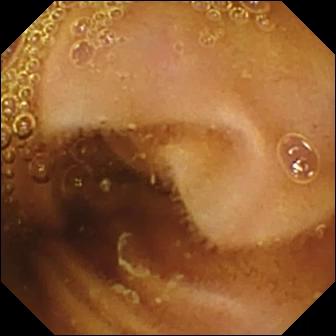VCE. Observation: normal clean mucosa.